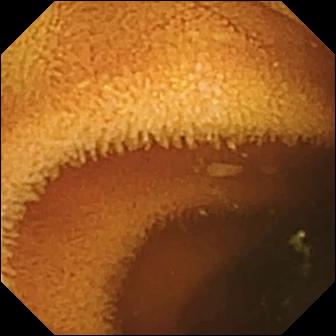This wireless capsule endoscopy snapshot of the small bowel shows normal clean mucosa.